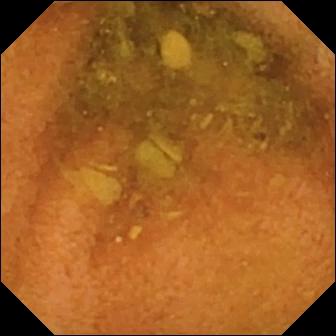- modality: small-bowel capsule endoscopy
- category: luminal finding
- label: normal clean mucosa